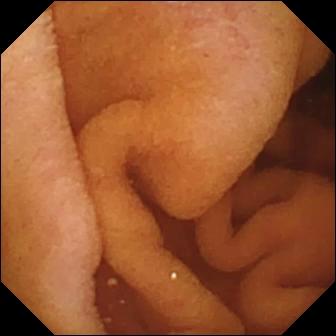Video capsule endoscopy. Position: pylorus region (where the capsule passes from the stomach into the small bowel).